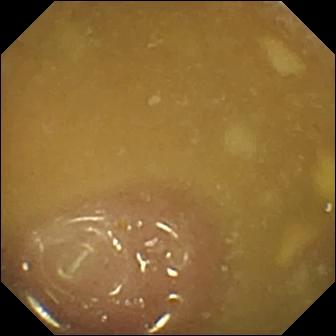Ileo-cecal valve region (where the capsule passes from the small bowel into the large bowel) — WCE snapshot.